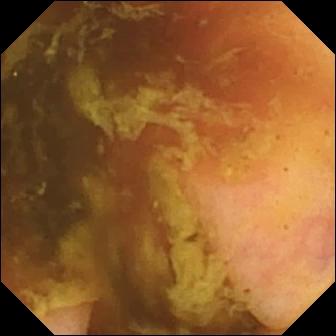modality: video capsule endoscopy
category: anatomical landmark
location: ileo-cecal valve region (the transition from the small bowel to the large bowel)